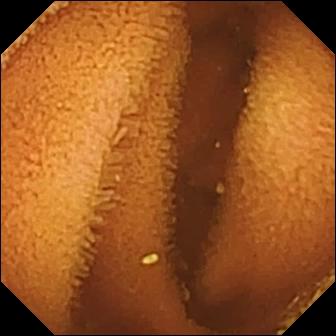Wireless capsule endoscopy view. Normal clean mucosa.